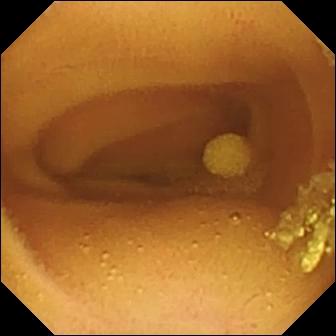This VCE snapshot shows lymphangiectasia.